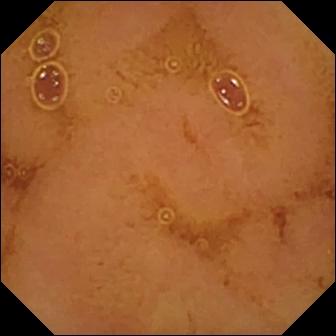Video capsule endoscopy. Small intestine. Finding: normal clean mucosa.